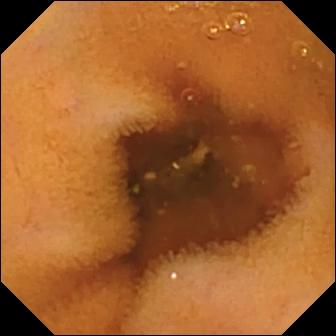VCE. Observation: normal clean mucosa.